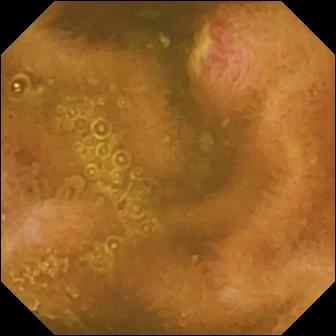Q: What does this video capsule endoscopy image show?
A: Ulcer.